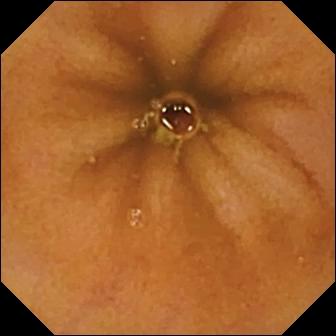- modality: video capsule endoscopy
- observation: normal clean mucosa